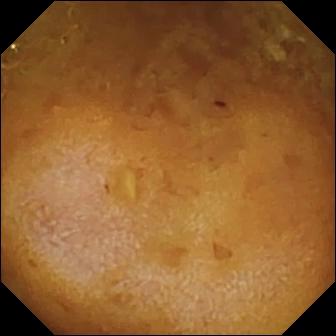- modality: wireless capsule endoscopy
- observation: reduced mucosal view (content or bubbles obscuring the mucosa)